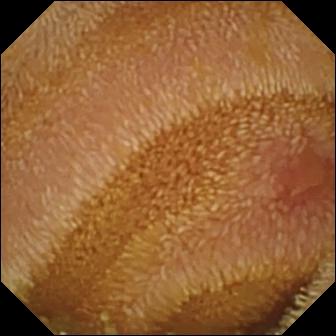This wireless capsule endoscopy frame shows erosion.